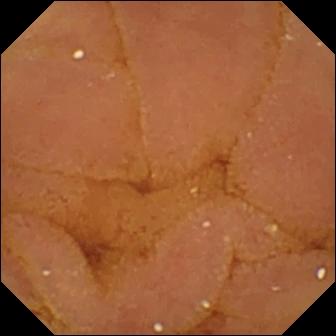{"modality": "VCE", "segment": "small intestine", "finding": "normal clean mucosa"}